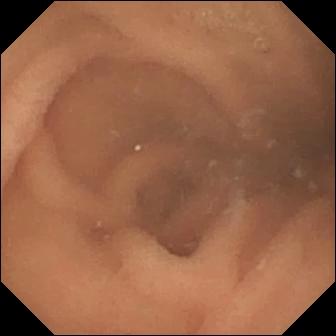PROCEDURE: Video capsule endoscopy.
FINDINGS: Normal clean mucosa.